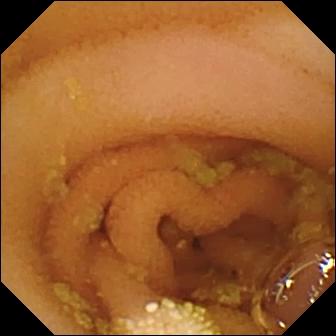{"modality": "video capsule endoscopy", "finding": "lymphangiectasia"}